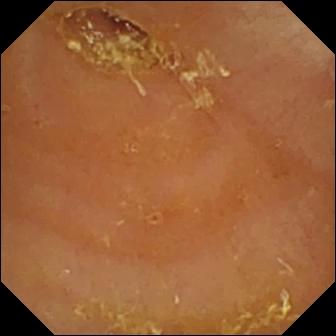WCE. Luminal finding. Impression: reduced mucosal view (content or bubbles obscuring the mucosa).